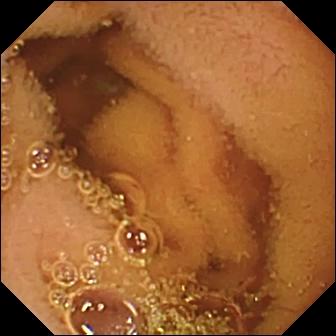Q: What does this VCE view show?
A: Normal clean mucosa.